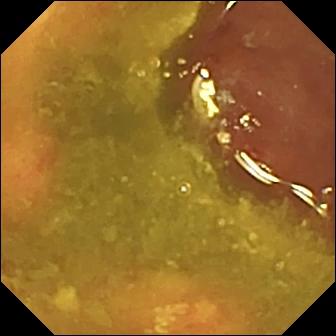modality: WCE | finding: ulcer